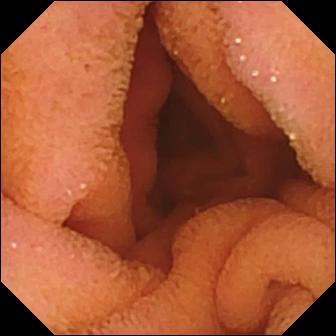PROCEDURE: Video capsule endoscopy.
SEGMENT: Small intestine.
FINDINGS: Normal clean mucosa.